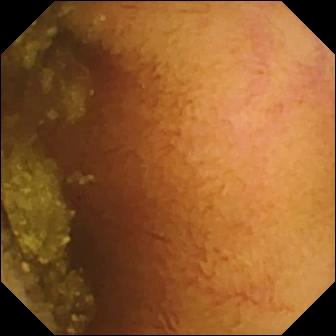Normal clean mucosa — VCE view of the small bowel.